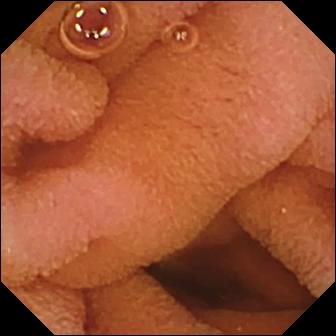Normal clean mucosa — WCE image.